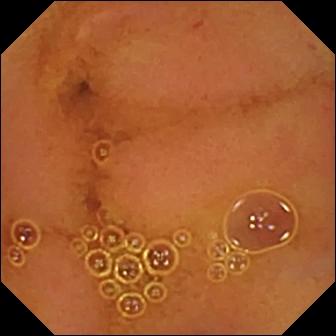PROCEDURE: Capsule endoscopy.
SEGMENT: Small bowel.
FINDINGS: Normal clean mucosa.